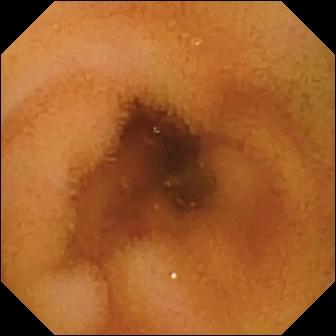This WCE image of the small bowel shows normal clean mucosa.